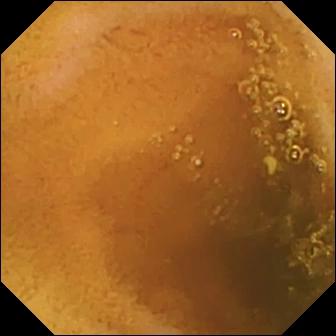- modality: video capsule endoscopy
- segment: small bowel
- finding: normal clean mucosa